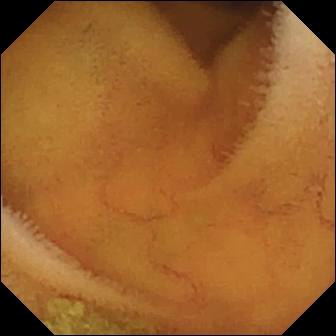Capsule endoscopy snapshot (small bowel). Normal clean mucosa.